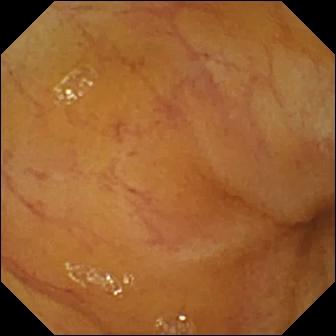modality: capsule endoscopy
category: anatomical landmark
position: ileo-cecal valve region (where the capsule passes from the small bowel into the large bowel)